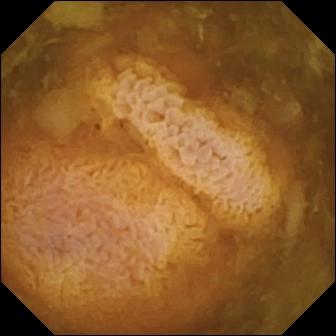Wireless capsule endoscopy frame
Observation: reduced mucosal view (content or bubbles obscuring the mucosa)